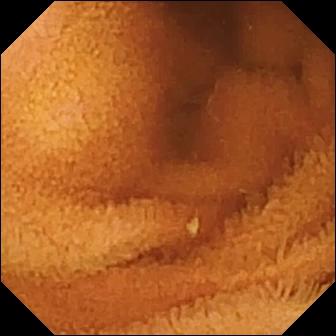Normal clean mucosa.